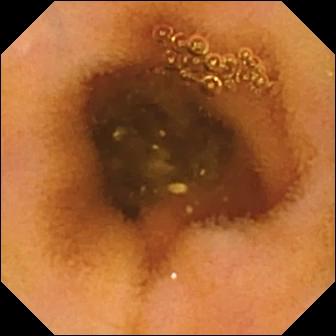Video capsule endoscopy — normal clean mucosa.